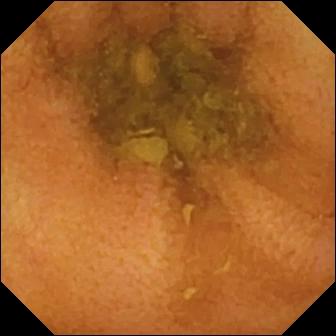Small-bowel capsule endoscopy — normal clean mucosa.